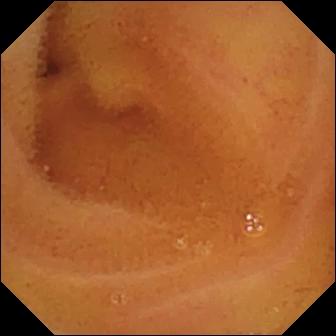{"modality": "small-bowel capsule endoscopy", "category": "luminal finding", "finding": "normal clean mucosa"}